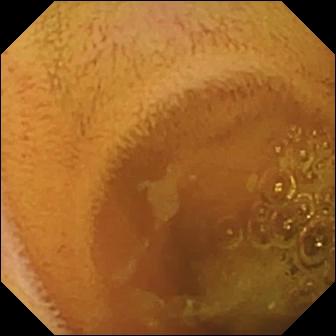Normal clean mucosa.